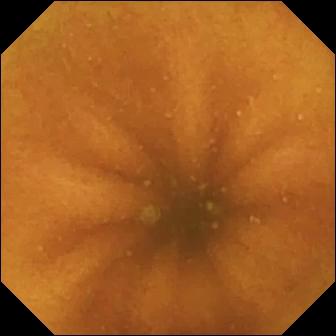Normal clean mucosa.